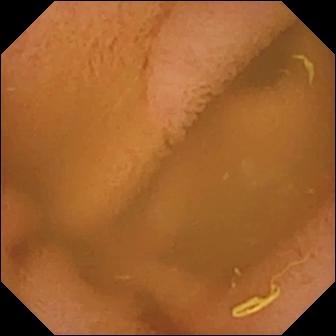{"modality": "small-bowel capsule endoscopy", "segment": "small intestine", "category": "luminal finding", "finding": "normal clean mucosa"}